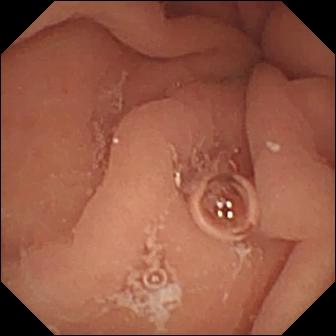VCE frame. Taken in the pylorus region.